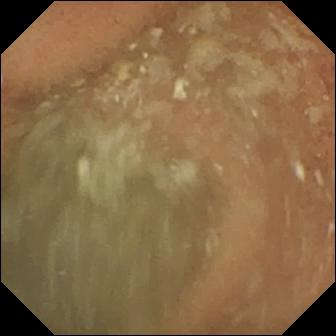Video capsule endoscopy view of the small bowel showing normal clean mucosa.